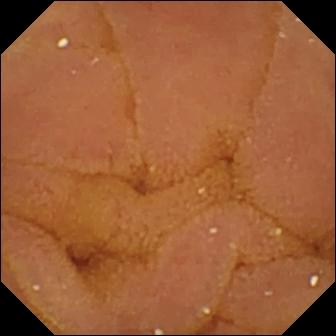Capsule endoscopy view showing normal clean mucosa.